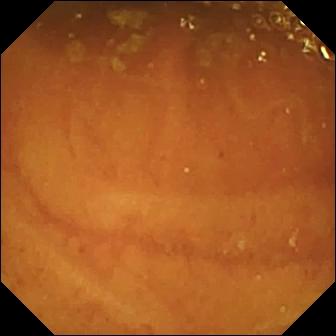Capsule endoscopy — ileo-cecal valve region (where the capsule passes from the small bowel into the large bowel).